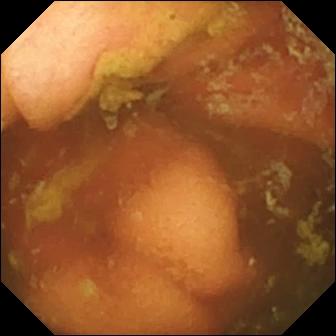VCE — ileo-cecal valve region (where the capsule passes from the small bowel into the large bowel).